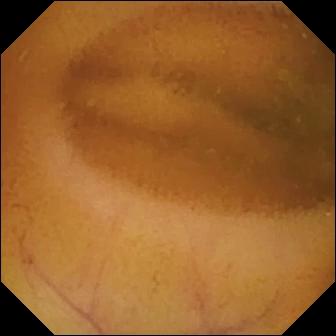VCE — normal clean mucosa.